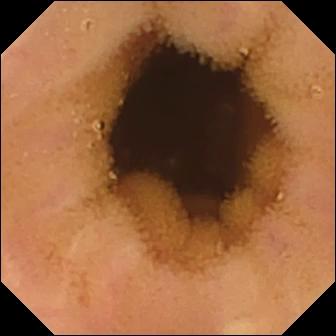This video capsule endoscopy still shows normal clean mucosa.